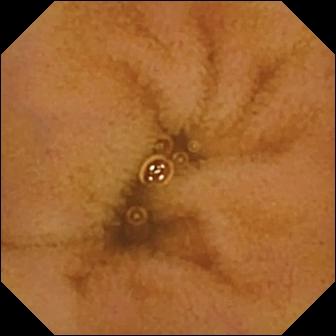This video capsule endoscopy snapshot shows normal clean mucosa.